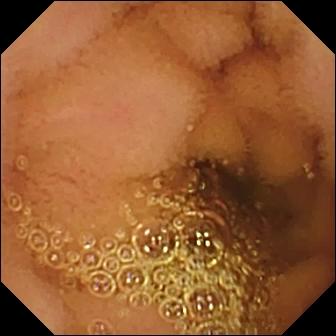Capsule endoscopy image, small bowel
Impression: normal clean mucosa